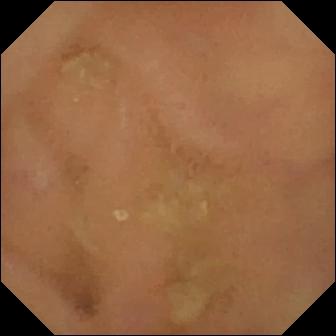Q: What does this wireless capsule endoscopy image of the small bowel show?
A: Normal clean mucosa.